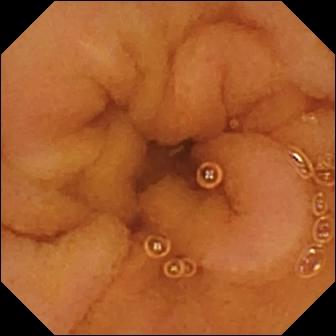modality: small-bowel capsule endoscopy; segment: small intestine; finding: normal clean mucosa